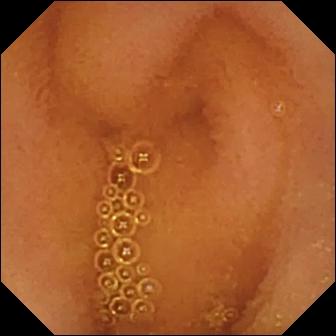Normal clean mucosa — WCE frame.